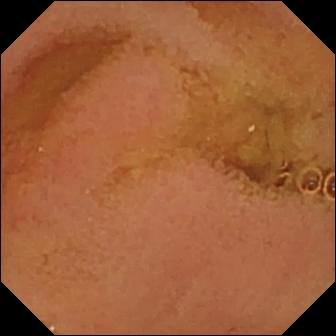Capsule endoscopy — normal clean mucosa.